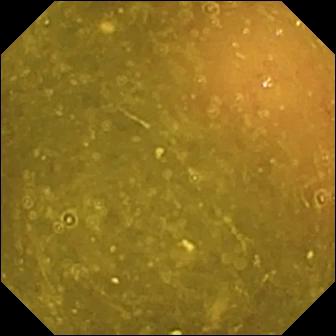modality: small-bowel capsule endoscopy; category: anatomical landmark; video segment: ileo-cecal valve region (the transition from the small bowel to the large bowel)